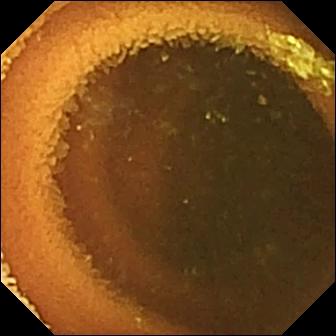PROCEDURE: Wireless capsule endoscopy.
SEGMENT: Small intestine.
FINDINGS: Normal clean mucosa.